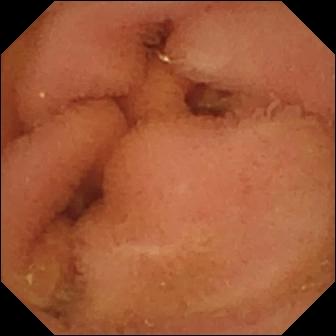modality: small-bowel capsule endoscopy | category: luminal finding | label: normal clean mucosa